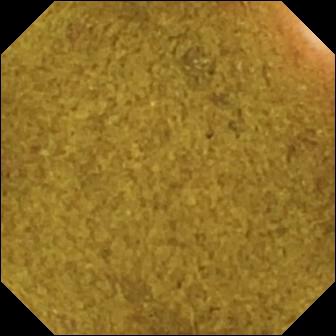PROCEDURE: VCE.
LABEL: Ileo-cecal valve region (the transition from the small bowel to the large bowel).